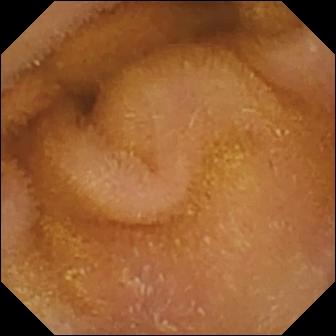Small-bowel capsule endoscopy snapshot showing normal clean mucosa.